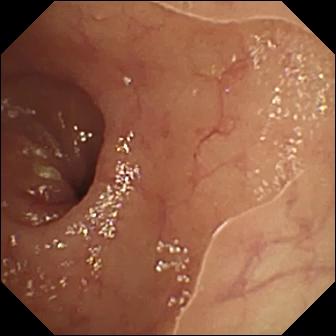Wireless capsule endoscopy view. Ulcer.